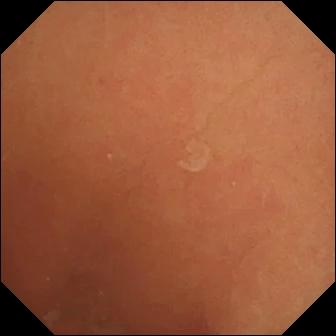Normal clean mucosa.